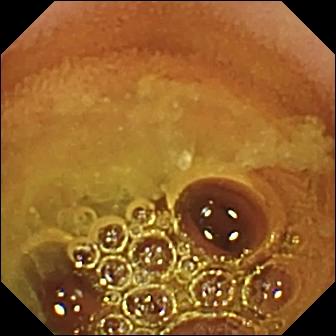Normal clean mucosa — VCE still.